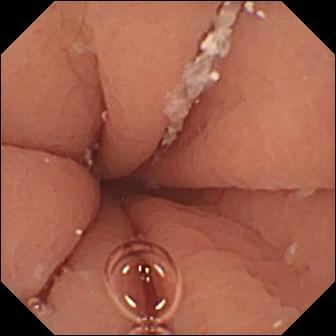Pylorus region (the junction between the stomach and the small bowel) — VCE frame.